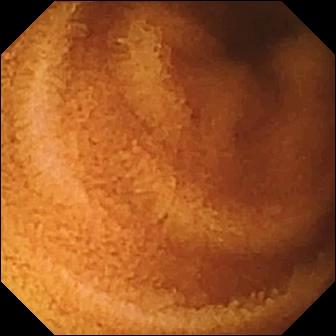This small-bowel capsule endoscopy still of the small intestine shows normal clean mucosa.